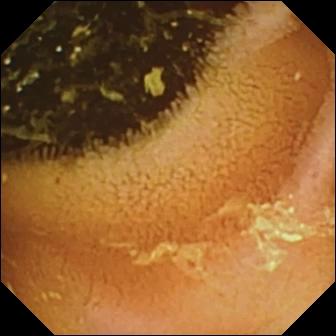- modality: WCE
- segment: small intestine
- label: normal clean mucosa